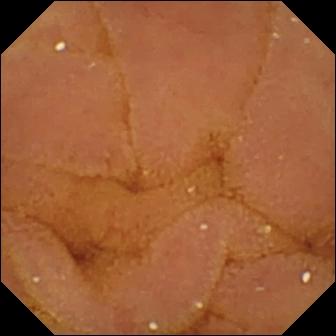This small-bowel capsule endoscopy image of the small intestine shows normal clean mucosa.